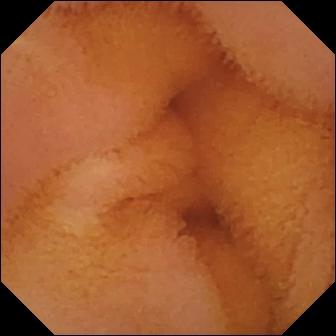modality: VCE
category: luminal finding
finding: normal clean mucosa